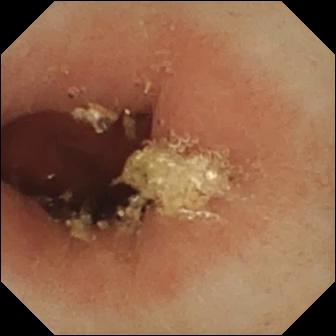- modality: VCE
- video segment: pylorus region